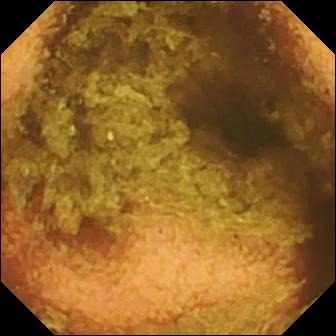Q: What does this VCE image of the small bowel show?
A: Normal clean mucosa.